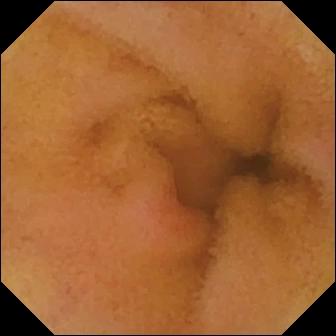Q: What does this WCE still show?
A: Erythema (mucosal redness).